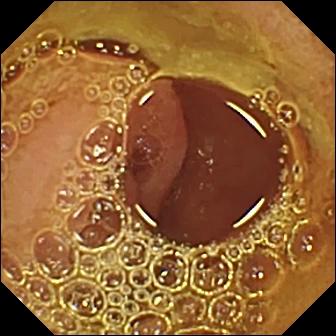Capsule endoscopy — normal clean mucosa.